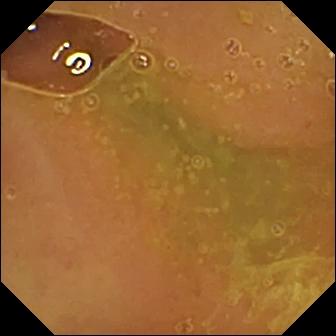Normal clean mucosa — VCE frame of the small bowel.